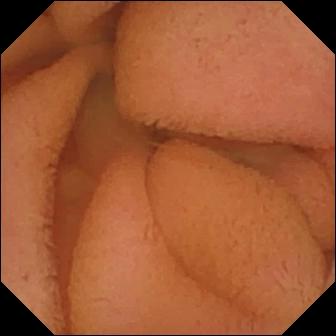PROCEDURE: Capsule endoscopy.
FINDINGS: Normal clean mucosa.